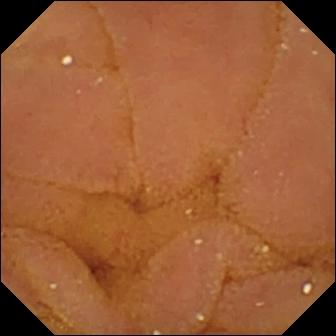VCE. Finding: normal clean mucosa.